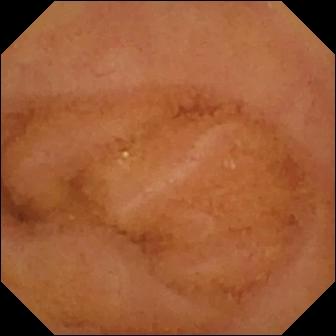Normal clean mucosa.